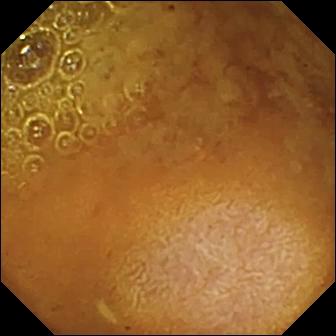WCE snapshot (small intestine), 336×336. Reduced mucosal view (content or bubbles obscuring the mucosa).